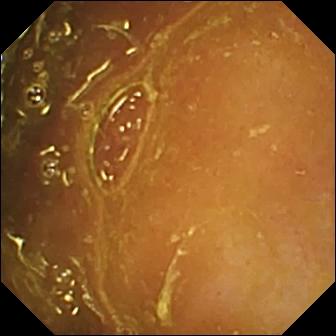WCE snapshot taken in the ileo-cecal valve region (where the capsule passes from the small bowel into the large bowel).